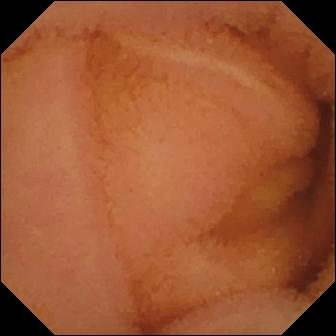Normal clean mucosa.